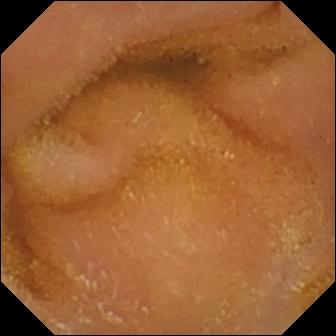This WCE view shows normal clean mucosa.